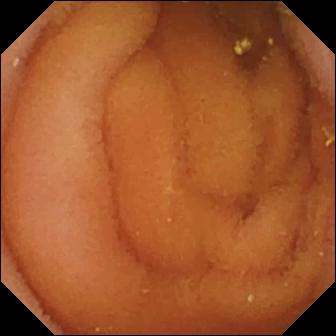VCE. Small intestine. Impression: normal clean mucosa.